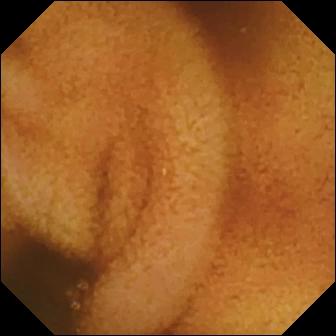Normal clean mucosa — small-bowel capsule endoscopy snapshot.